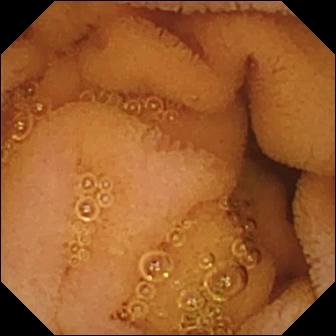Normal clean mucosa — capsule endoscopy image.